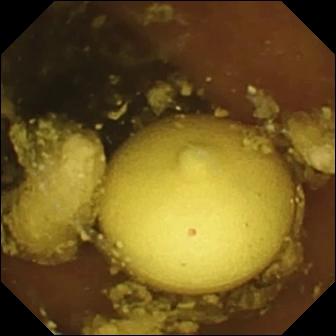Wireless capsule endoscopy snapshot showing foreign body (e.g. retained capsule, tablet residue).